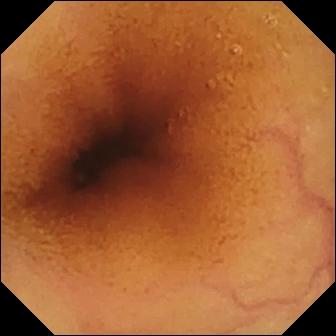- modality: video capsule endoscopy
- segment: small intestine
- category: luminal finding
- label: normal clean mucosa